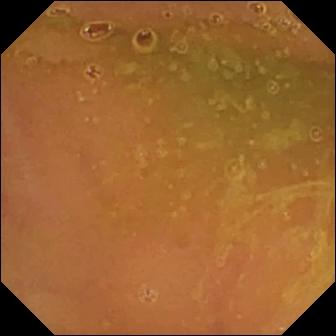WCE image showing normal clean mucosa.